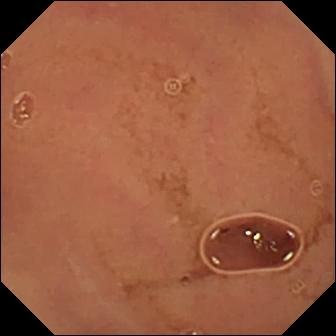Normal clean mucosa — video capsule endoscopy snapshot of the small bowel.